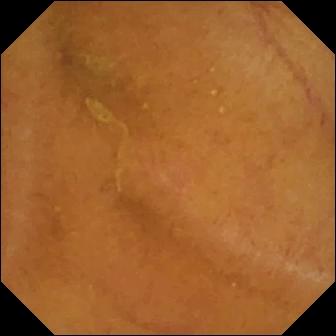Capsule endoscopy. Small bowel. Label: normal clean mucosa.